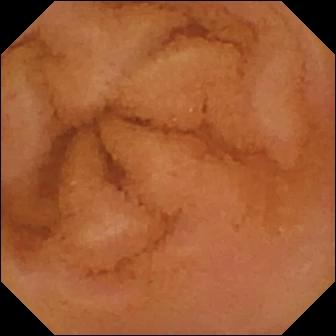Wireless capsule endoscopy view
Finding: normal clean mucosa